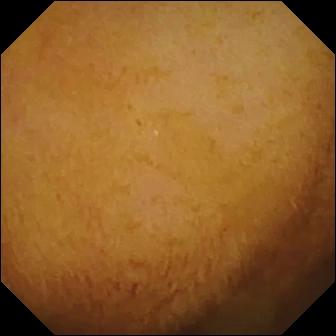{"modality": "VCE", "segment": "small bowel", "finding": "normal clean mucosa"}